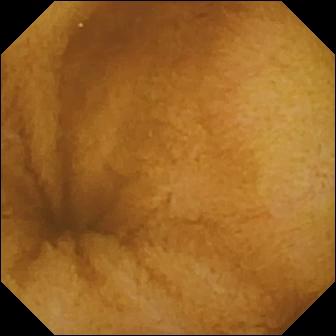PROCEDURE: VCE.
FINDINGS: Normal clean mucosa.